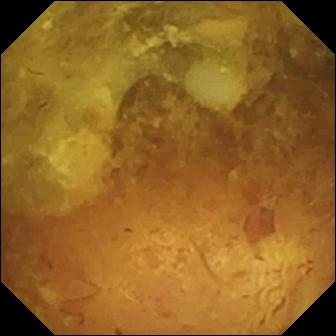WCE — reduced mucosal view (content or bubbles obscuring the mucosa).